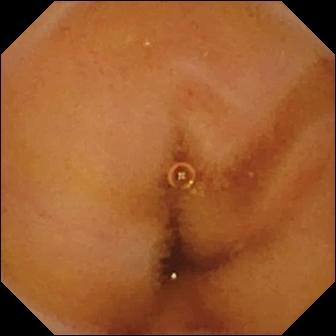WCE — normal clean mucosa.